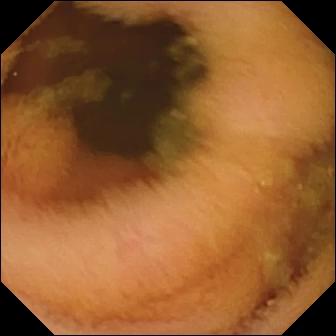modality: WCE; segment: small bowel; category: luminal finding; finding: normal clean mucosa